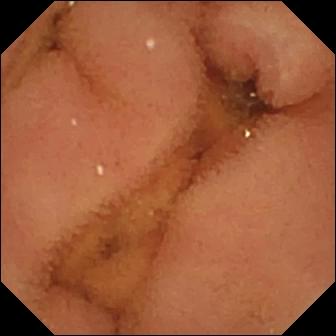WCE image
Impression: normal clean mucosa